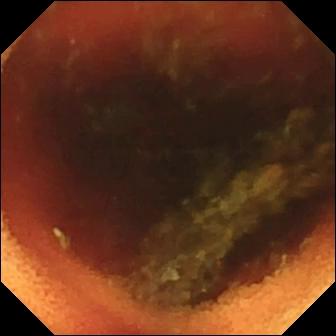Capsule endoscopy — ileo-cecal valve region (the transition from the small bowel to the large bowel).